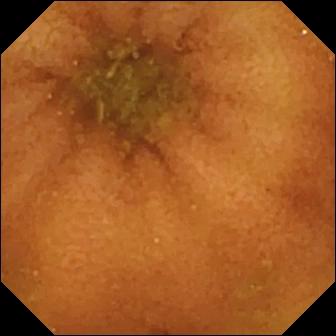Small-bowel capsule endoscopy. Luminal finding. Label: normal clean mucosa.